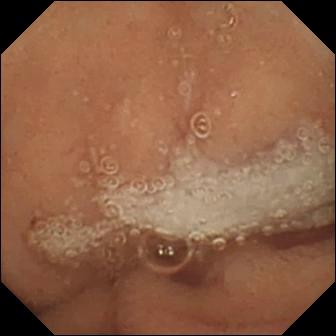PROCEDURE: Video capsule endoscopy.
FINDINGS: Normal clean mucosa.